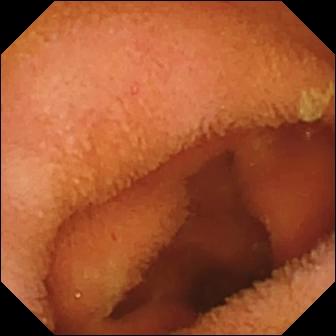Q: What does this small-bowel capsule endoscopy view show?
A: Normal clean mucosa.